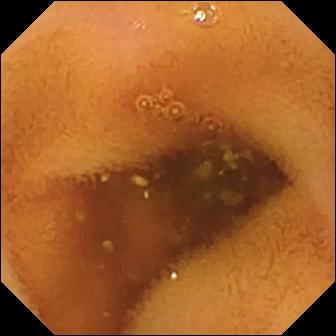{"modality": "wireless capsule endoscopy", "finding": "normal clean mucosa"}